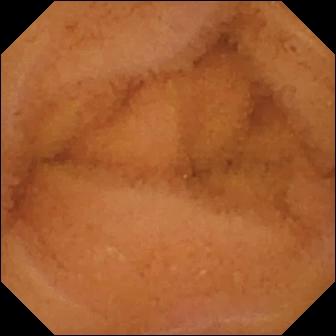Normal clean mucosa.